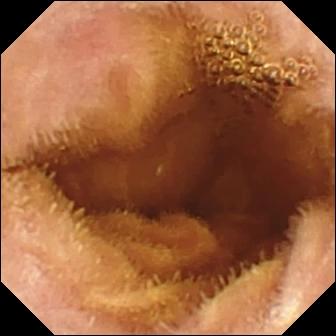Normal clean mucosa.